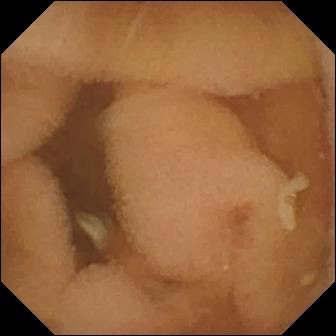WCE. Finding: normal clean mucosa.